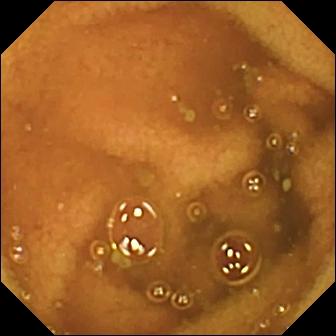Q: What does this VCE image of the small intestine show?
A: Normal clean mucosa.